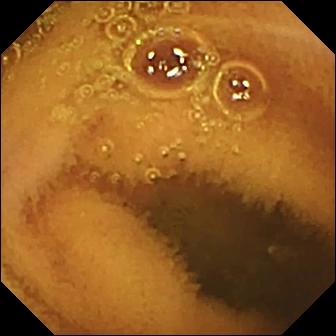modality: capsule endoscopy
category: luminal finding
finding: normal clean mucosa